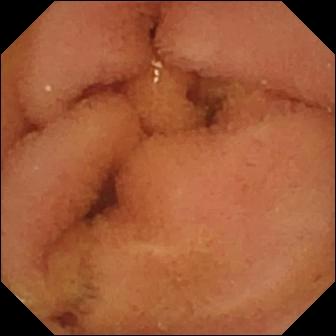Capsule endoscopy — normal clean mucosa.